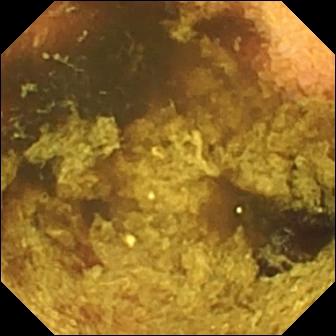Video capsule endoscopy — normal clean mucosa.